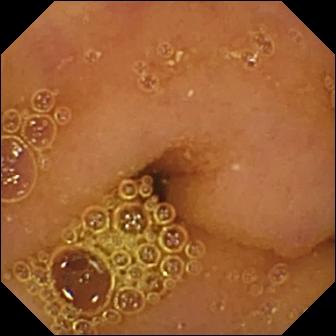Normal clean mucosa.